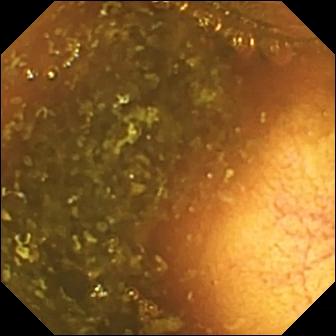Small-bowel capsule endoscopy — ileo-cecal valve region (where the capsule passes from the small bowel into the large bowel).